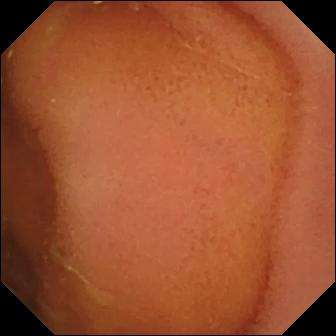WCE still of the small bowel showing normal clean mucosa.